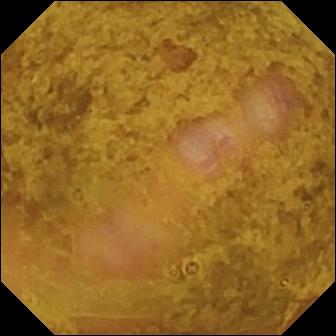Small-bowel capsule endoscopy view taken in the ileo-cecal valve region (where the capsule passes from the small bowel into the large bowel).